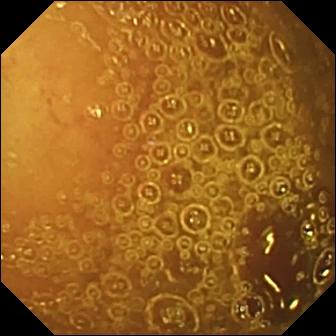Normal clean mucosa.